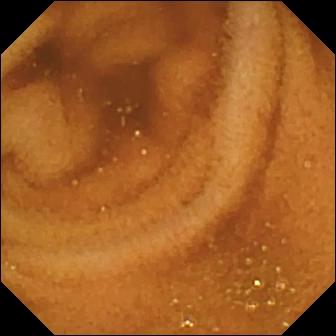{"modality": "VCE", "finding": "normal clean mucosa"}